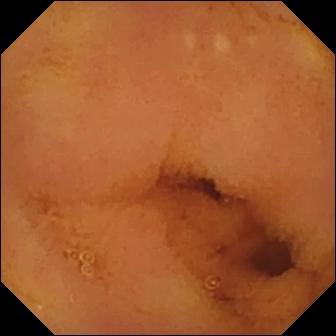Video capsule endoscopy snapshot showing normal clean mucosa.